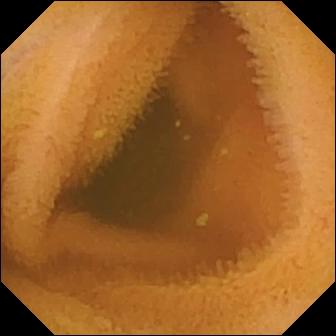Wireless capsule endoscopy snapshot, 336×336. Normal clean mucosa.